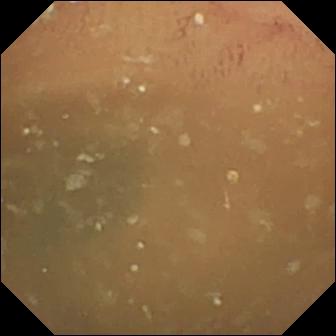{"modality": "WCE", "segment": "small intestine", "finding": "normal clean mucosa"}